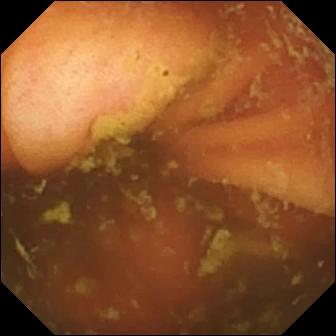Small-bowel capsule endoscopy — ileo-cecal valve region.